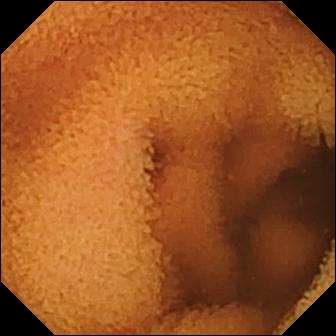PROCEDURE: WCE.
FINDINGS: Normal clean mucosa.